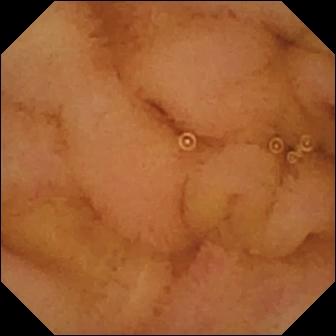modality: capsule endoscopy
segment: small intestine
observation: normal clean mucosa